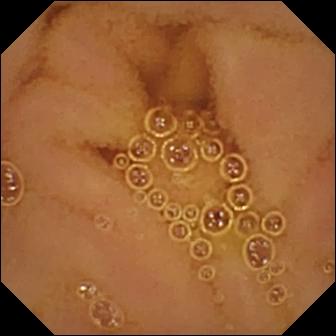This video capsule endoscopy image of the small bowel shows normal clean mucosa.